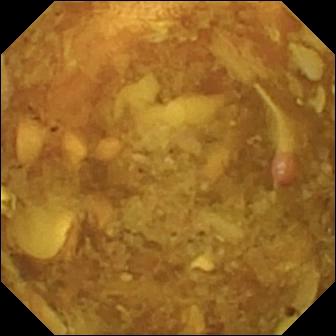Reduced mucosal view (content or bubbles obscuring the mucosa) — VCE image of the small bowel.